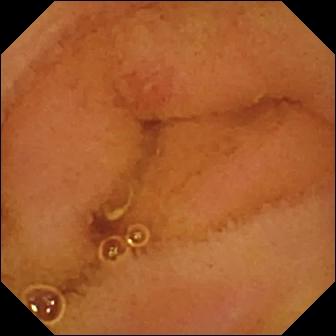PROCEDURE: Small-bowel capsule endoscopy.
FINDINGS: Erosion.